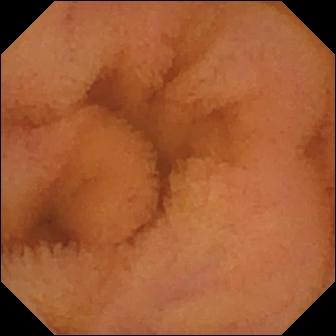{"modality": "capsule endoscopy", "segment": "small intestine", "finding": "normal clean mucosa"}